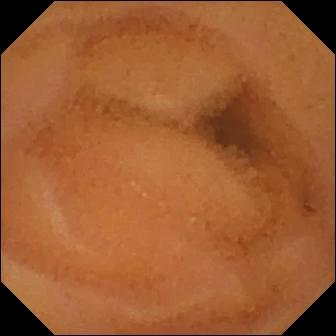Wireless capsule endoscopy snapshot showing normal clean mucosa.